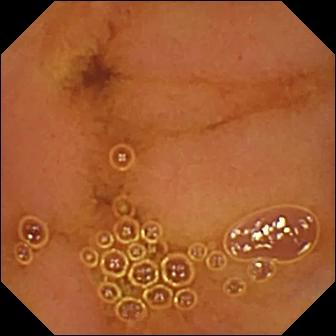VCE snapshot
Finding: normal clean mucosa